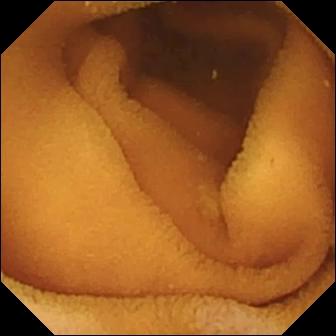This video capsule endoscopy view shows normal clean mucosa.